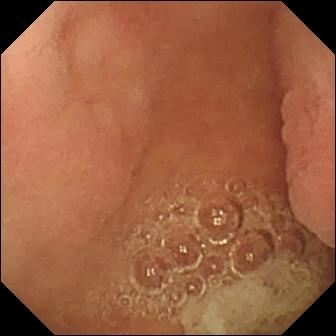PROCEDURE: Small-bowel capsule endoscopy.
LABEL: Pylorus region.